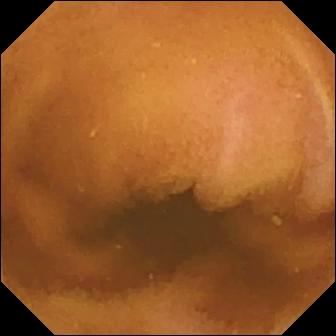Q: What does this capsule endoscopy view show?
A: Normal clean mucosa.